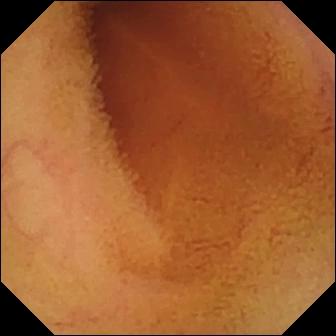WCE view, 336×336. Normal clean mucosa.